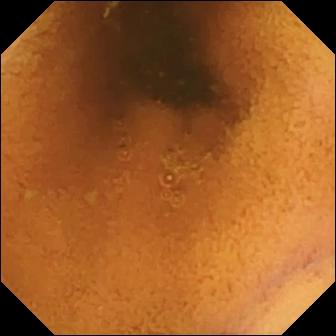{"modality": "small-bowel capsule endoscopy", "finding": "normal clean mucosa"}